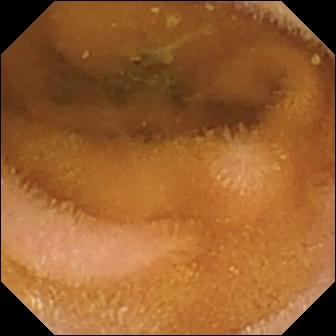VCE. Small intestine. Finding: normal clean mucosa.